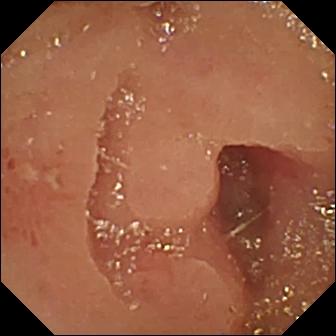Q: What does this WCE image show?
A: Erosion.